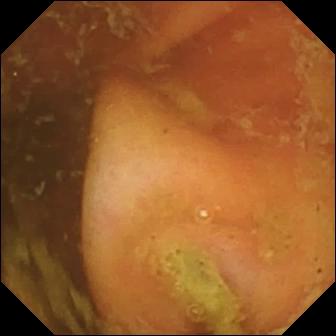Small-bowel capsule endoscopy frame taken in the ileo-cecal valve region (where the capsule passes from the small bowel into the large bowel).